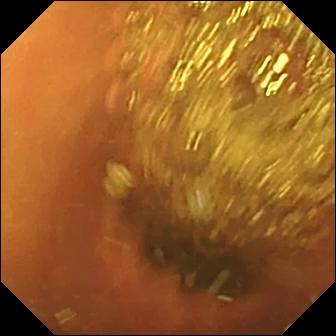Video capsule endoscopy image of the small bowel showing normal clean mucosa.